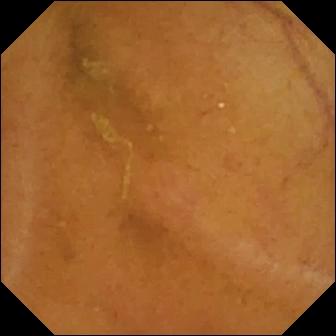{"modality": "capsule endoscopy", "segment": "small bowel", "finding": "normal clean mucosa"}